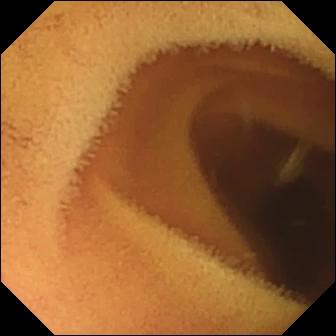- modality: capsule endoscopy
- segment: small intestine
- category: luminal finding
- observation: normal clean mucosa